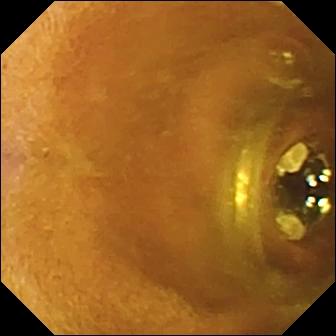Small-bowel capsule endoscopy still showing foreign body (e.g. retained capsule, tablet residue).